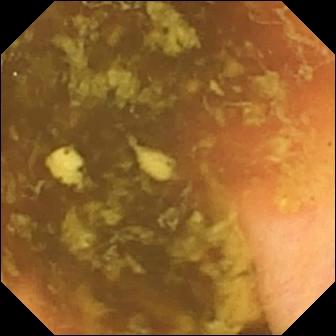Q: Where in the digestive tract was this capsule endoscopy frame taken?
A: Ileo-cecal valve region.